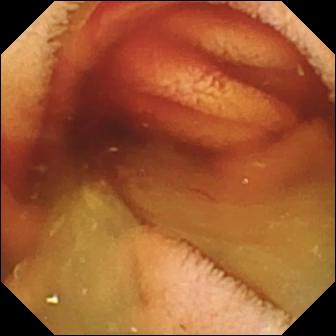WCE. Finding: fresh blood in the lumen.